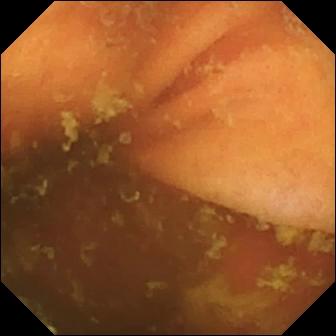{"modality": "capsule endoscopy", "category": "anatomical landmark", "label": "ileo-cecal valve region (the transition from the small bowel to the large bowel)"}